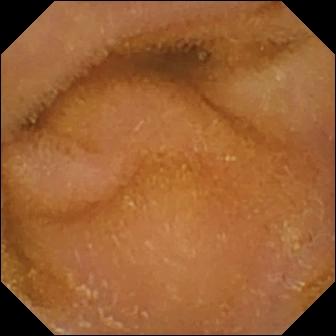- modality: WCE
- finding: normal clean mucosa